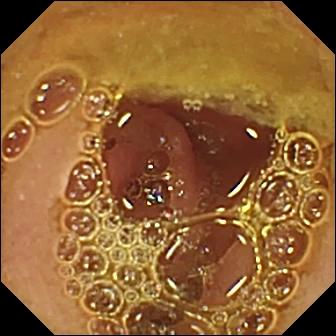This VCE frame shows normal clean mucosa.